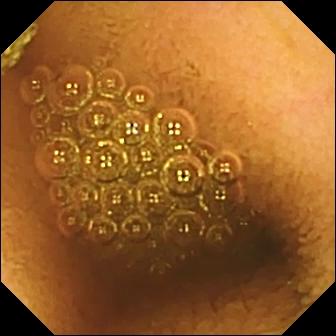This wireless capsule endoscopy snapshot shows reduced mucosal view (content or bubbles obscuring the mucosa).